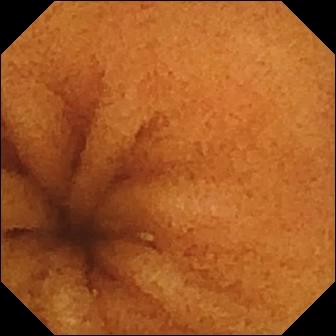Q: What does this wireless capsule endoscopy frame show?
A: Normal clean mucosa.